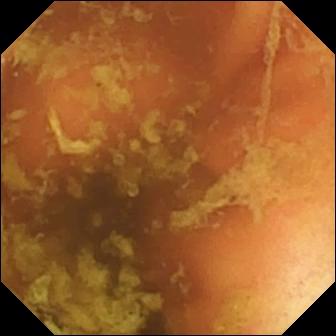- modality: video capsule endoscopy
- label: ileo-cecal valve region